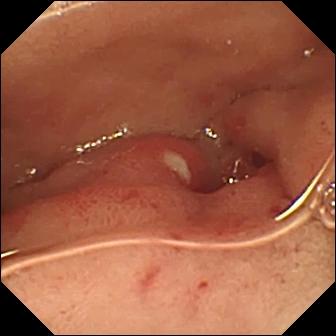- modality: video capsule endoscopy
- observation: ulcer